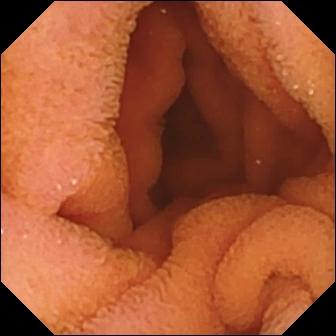Small-bowel capsule endoscopy view. Normal clean mucosa.